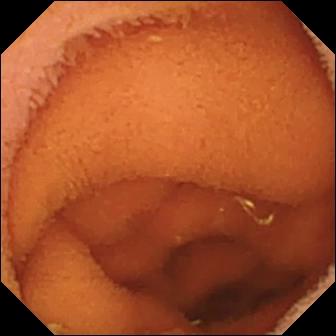Video capsule endoscopy. Small intestine. Luminal finding. Finding: normal clean mucosa.